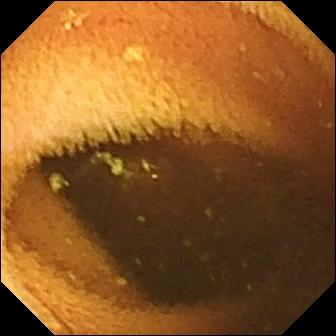WCE image showing normal clean mucosa.